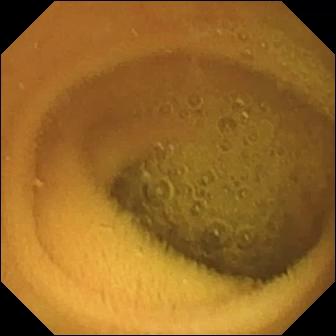Normal clean mucosa — small-bowel capsule endoscopy view of the small intestine.